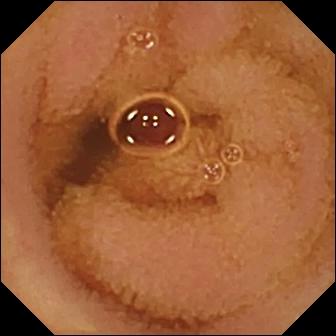VCE. Luminal finding. Label: normal clean mucosa.